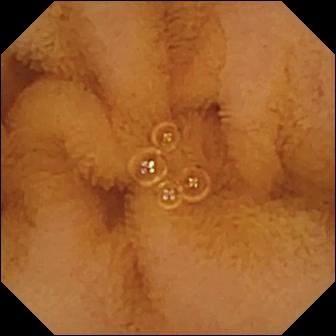modality: WCE
category: luminal finding
label: normal clean mucosa